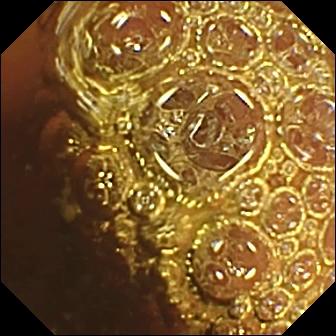Normal clean mucosa — small-bowel capsule endoscopy frame.